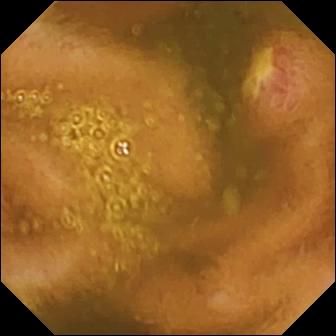VCE still showing ulcer.